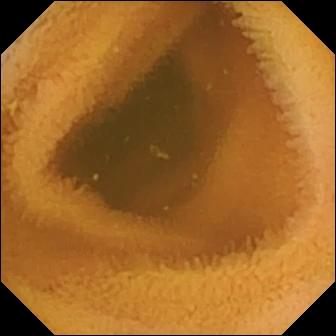VCE frame. Normal clean mucosa.